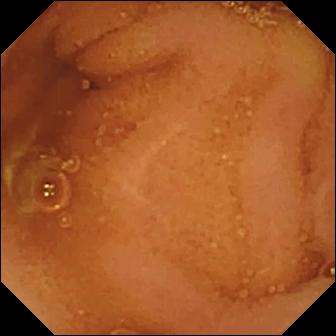Video capsule endoscopy image
Finding: normal clean mucosa